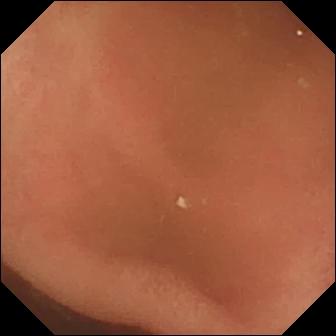{"modality": "small-bowel capsule endoscopy", "category": "anatomical landmark", "video_segment": "pylorus region (the junction between the stomach and the small bowel)"}